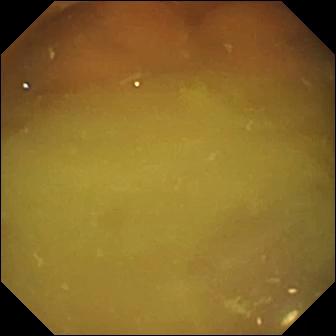modality: small-bowel capsule endoscopy | impression: normal clean mucosa